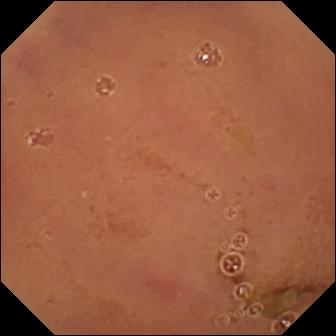Normal clean mucosa.